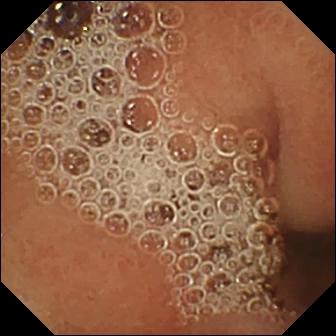Small-bowel capsule endoscopy snapshot
Impression: normal clean mucosa